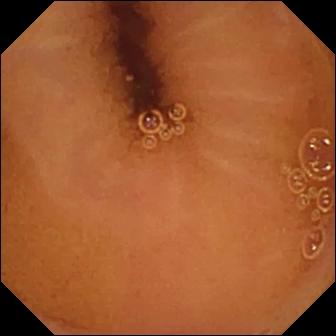VCE frame showing normal clean mucosa.